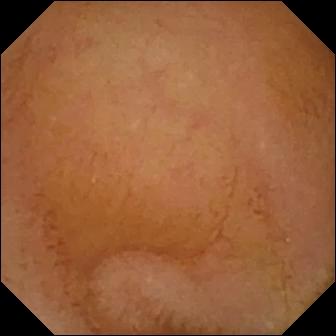This WCE snapshot shows normal clean mucosa.